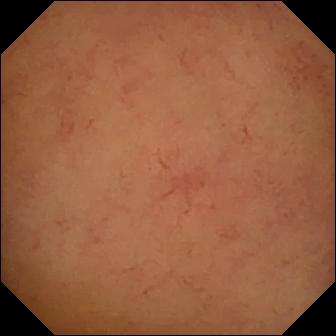- modality: capsule endoscopy
- segment: small bowel
- category: luminal finding
- label: normal clean mucosa